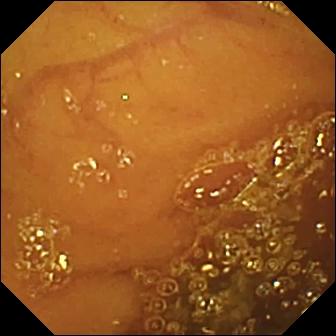Normal clean mucosa — small-bowel capsule endoscopy view of the small intestine.